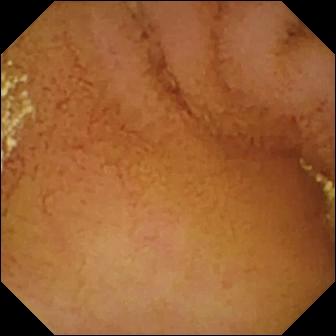modality: video capsule endoscopy | segment: small bowel | observation: normal clean mucosa